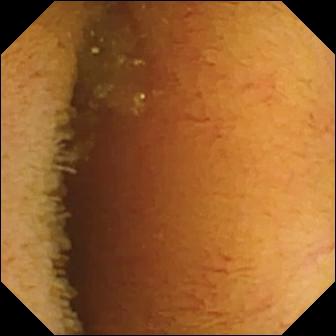{"modality": "small-bowel capsule endoscopy", "segment": "small bowel", "category": "luminal finding", "finding": "normal clean mucosa"}